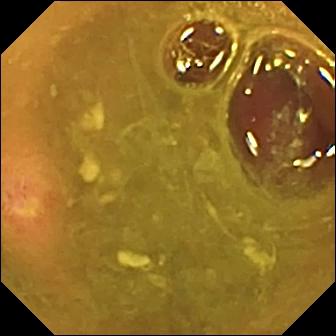PROCEDURE: VCE.
FINDINGS: Ulcer.